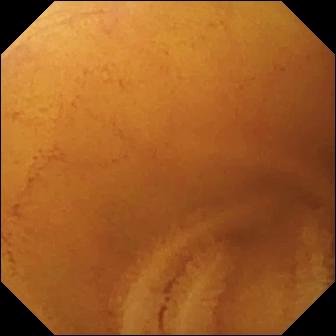{"modality": "VCE", "segment": "small bowel", "category": "luminal finding", "finding": "normal clean mucosa"}